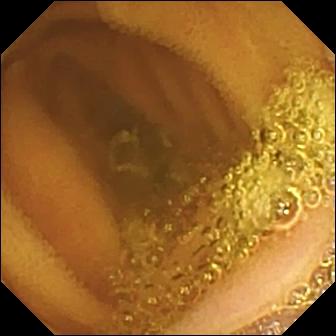Q: What does this capsule endoscopy snapshot of the small intestine show?
A: Normal clean mucosa.